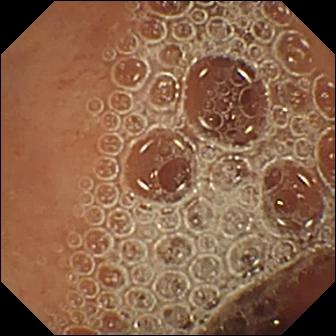PROCEDURE: Small-bowel capsule endoscopy.
FINDINGS: Normal clean mucosa.